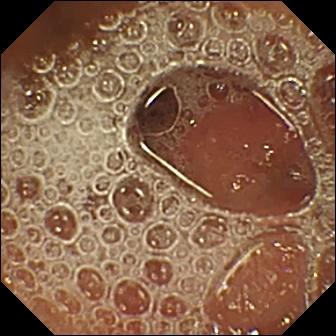PROCEDURE: Wireless capsule endoscopy.
FINDINGS: Normal clean mucosa.